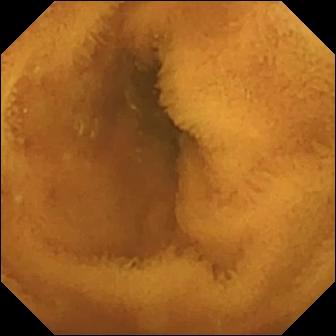{"modality": "video capsule endoscopy", "category": "luminal finding", "finding": "normal clean mucosa"}